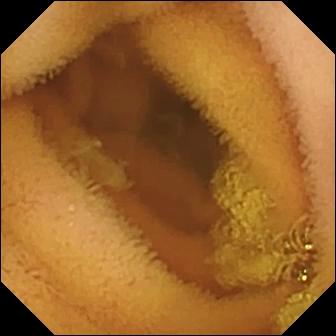This video capsule endoscopy still shows normal clean mucosa.